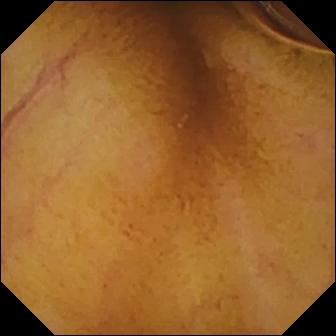{"modality": "wireless capsule endoscopy", "finding": "normal clean mucosa"}